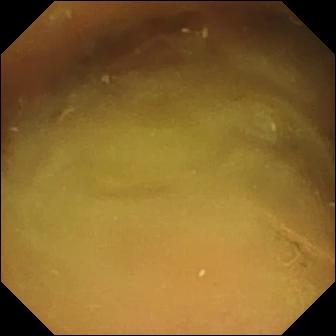Small-bowel capsule endoscopy — normal clean mucosa.